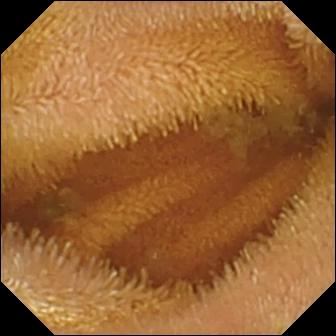VCE image, small bowel
Observation: normal clean mucosa